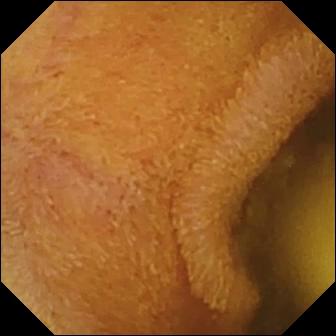PROCEDURE: VCE.
FINDINGS: Foreign body (e.g. retained capsule, tablet residue).